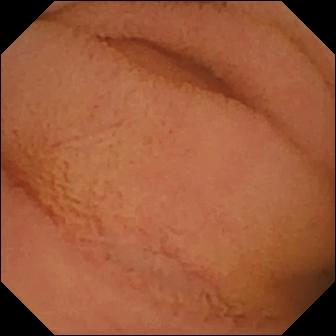VCE image, small bowel
Observation: normal clean mucosa